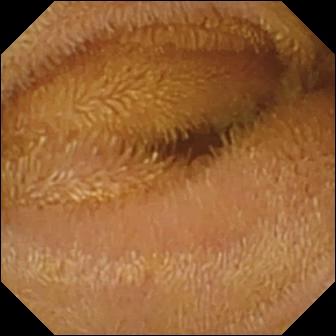Q: What does this VCE view show?
A: Normal clean mucosa.